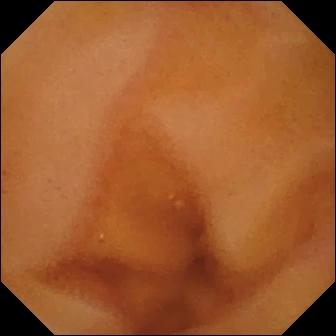Q: What does this small-bowel capsule endoscopy view of the small intestine show?
A: Normal clean mucosa.